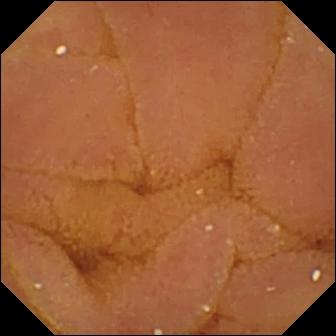- modality: video capsule endoscopy
- segment: small bowel
- impression: normal clean mucosa